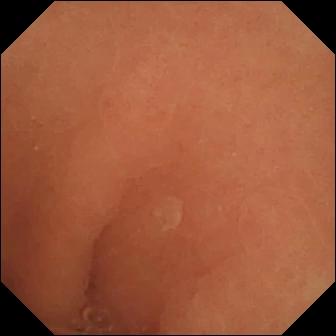Q: What does this small-bowel capsule endoscopy view show?
A: Normal clean mucosa.